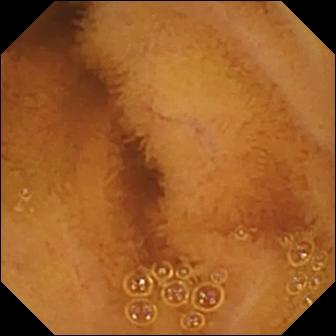{"modality": "WCE", "segment": "small bowel", "finding": "normal clean mucosa"}